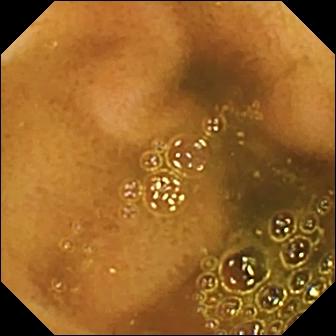Q: Where in the digestive tract was this small-bowel capsule endoscopy still taken?
A: Ileo-cecal valve region (the transition from the small bowel to the large bowel).